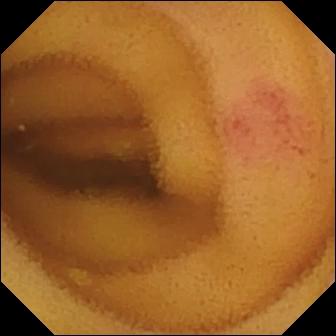Angiectasia.